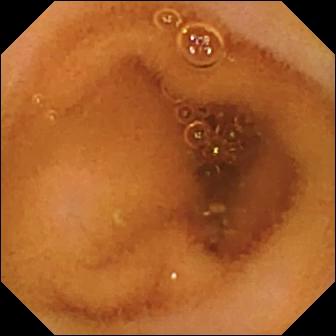modality: capsule endoscopy; category: luminal finding; observation: normal clean mucosa